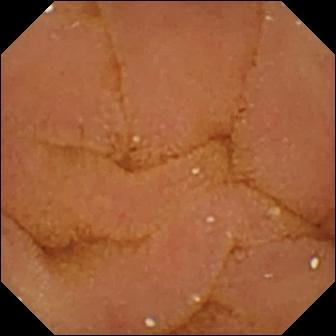WCE snapshot of the small bowel showing normal clean mucosa.